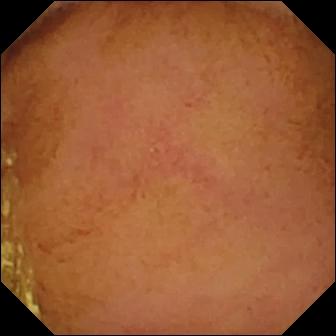This WCE image of the small intestine shows normal clean mucosa.